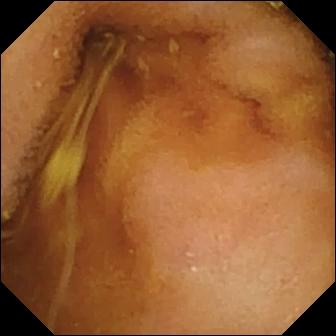This small-bowel capsule endoscopy frame of the small intestine shows normal clean mucosa.